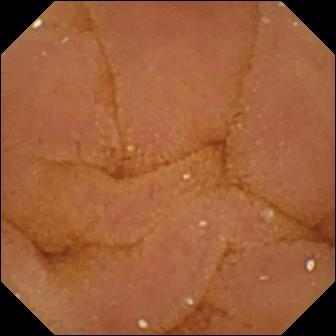{"modality": "capsule endoscopy", "segment": "small intestine", "category": "luminal finding", "finding": "normal clean mucosa"}